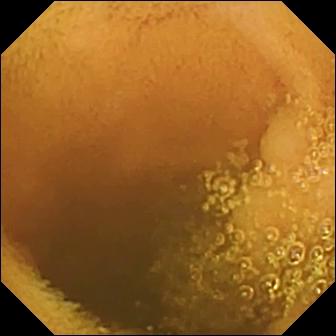Normal clean mucosa — video capsule endoscopy image of the small intestine.